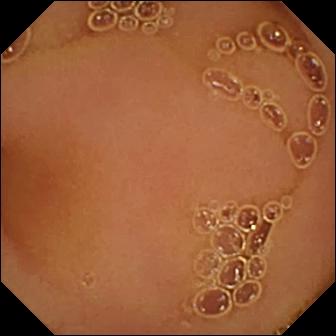modality: WCE
impression: normal clean mucosa